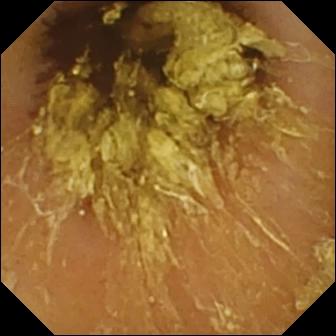modality: VCE
finding: normal clean mucosa